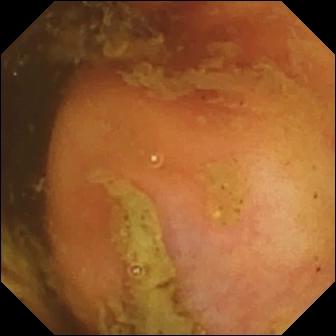- modality: capsule endoscopy
- label: ileo-cecal valve region (the transition from the small bowel to the large bowel)